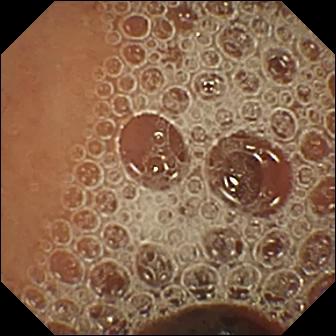VCE image showing normal clean mucosa.